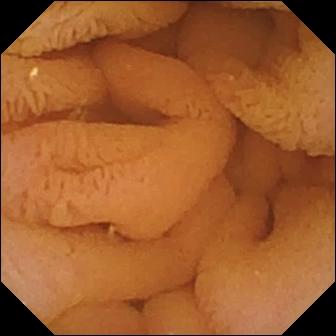Capsule endoscopy still showing normal clean mucosa.